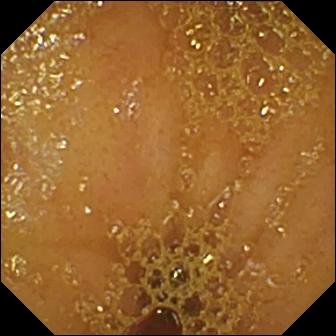{"modality": "WCE", "category": "anatomical landmark", "video_segment": "ileo-cecal valve region"}